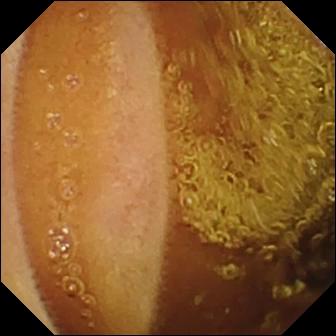Normal clean mucosa (336×336).